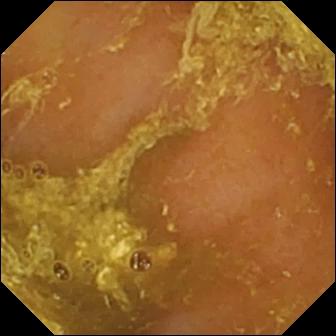- modality: small-bowel capsule endoscopy
- observation: reduced mucosal view (content or bubbles obscuring the mucosa)